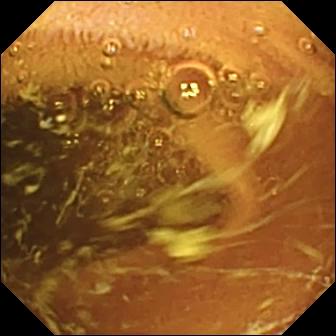Video capsule endoscopy snapshot, small intestine
Observation: normal clean mucosa